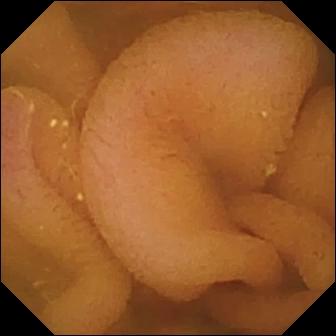This VCE still of the small bowel shows normal clean mucosa.